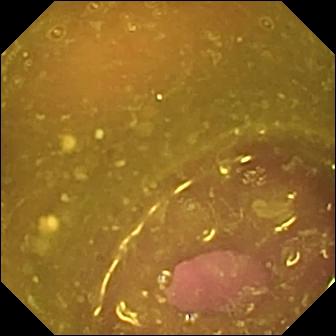- modality: video capsule endoscopy
- segment: small intestine
- observation: reduced mucosal view (content or bubbles obscuring the mucosa)